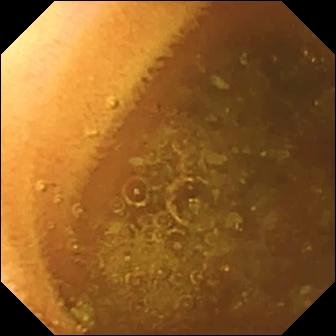Small-bowel capsule endoscopy — normal clean mucosa.